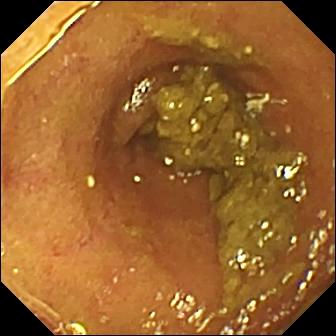PROCEDURE: Video capsule endoscopy.
LABEL: Ileo-cecal valve region (the transition from the small bowel to the large bowel).